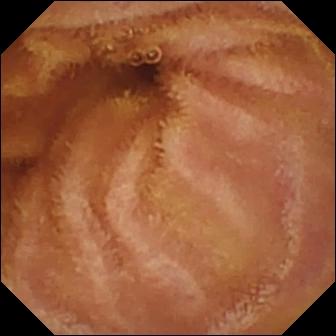Capsule endoscopy still
Observation: normal clean mucosa